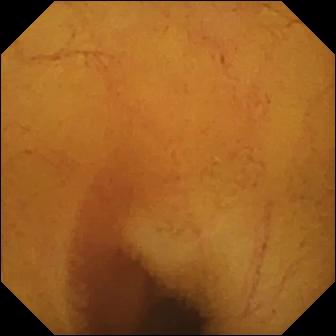Normal clean mucosa — wireless capsule endoscopy image of the small bowel.